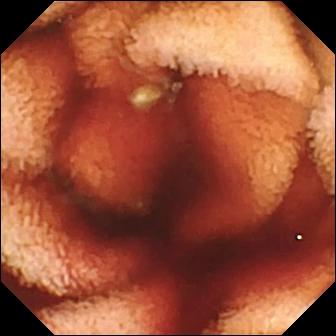Fresh blood in the lumen — wireless capsule endoscopy view.